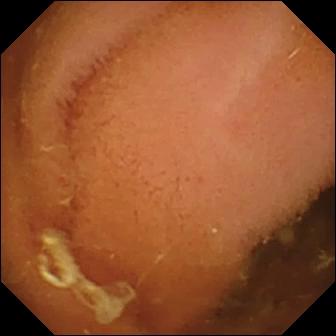WCE. Observation: normal clean mucosa.